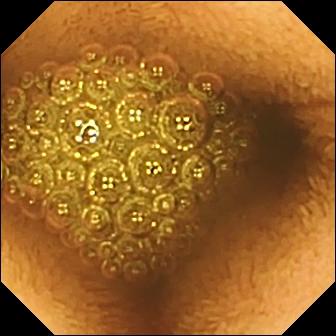WCE — reduced mucosal view (content or bubbles obscuring the mucosa).